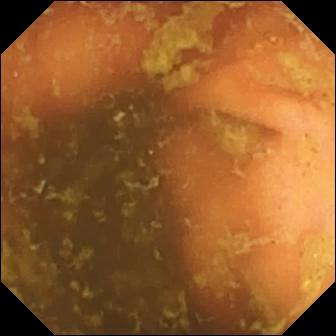Wireless capsule endoscopy snapshot, 336×336. Taken in the ileo-cecal valve region.